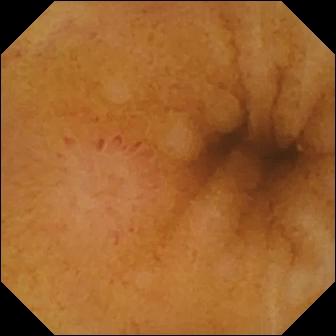Video capsule endoscopy frame
Label: erosion